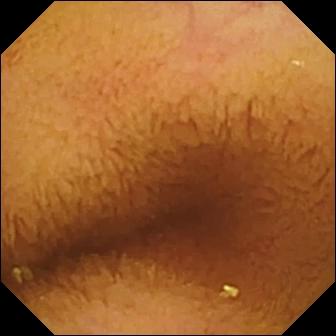PROCEDURE: Video capsule endoscopy.
SEGMENT: Small intestine.
FINDINGS: Normal clean mucosa.